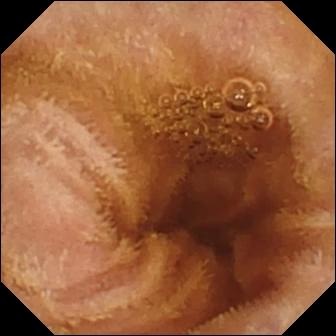- modality: small-bowel capsule endoscopy
- segment: small intestine
- label: normal clean mucosa